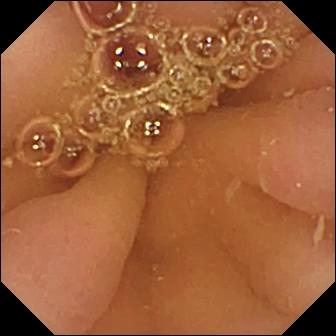- modality: WCE
- location: pylorus region (where the capsule passes from the stomach into the small bowel)